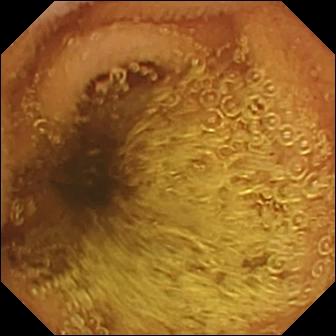PROCEDURE: Wireless capsule endoscopy.
SEGMENT: Small intestine.
FINDINGS: Normal clean mucosa.